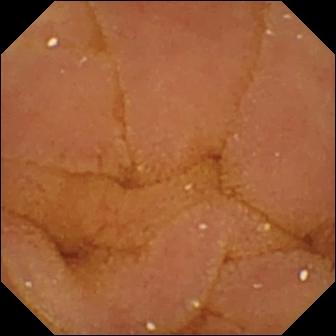{"modality": "wireless capsule endoscopy", "segment": "small intestine", "finding": "normal clean mucosa"}